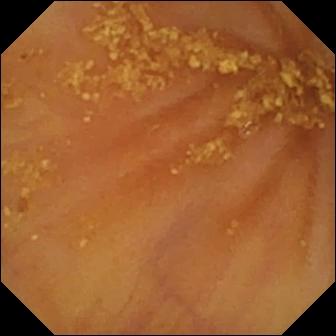PROCEDURE: Capsule endoscopy.
LOCATION: Ileo-cecal valve region.